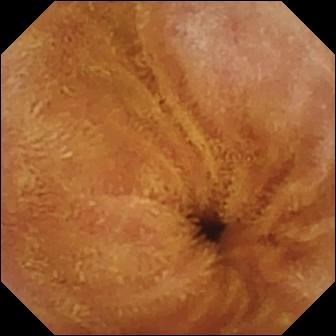Small-bowel capsule endoscopy image (small bowel), 336×336. Normal clean mucosa.